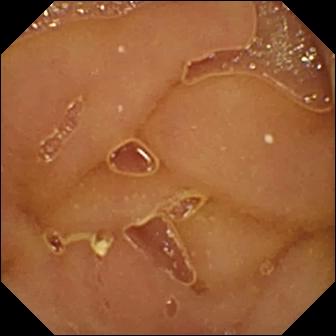Video capsule endoscopy image of the small bowel showing normal clean mucosa.